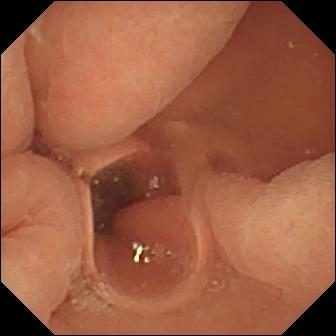Normal clean mucosa — VCE view.